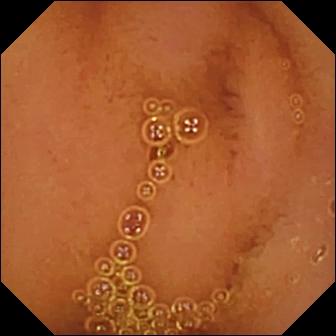Capsule endoscopy frame
Impression: normal clean mucosa